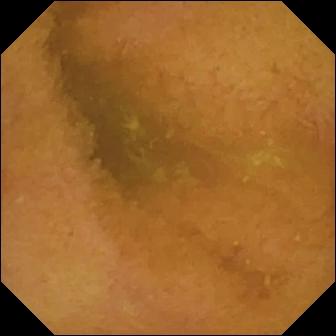Normal clean mucosa — small-bowel capsule endoscopy snapshot.